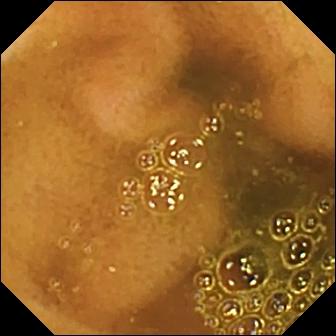- modality: VCE
- category: anatomical landmark
- location: ileo-cecal valve region